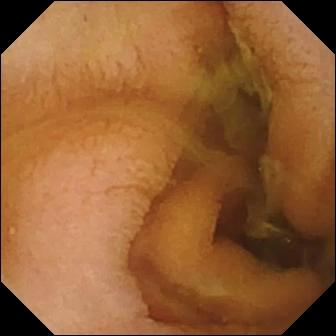PROCEDURE: Small-bowel capsule endoscopy.
SEGMENT: Small bowel.
FINDINGS: Normal clean mucosa.